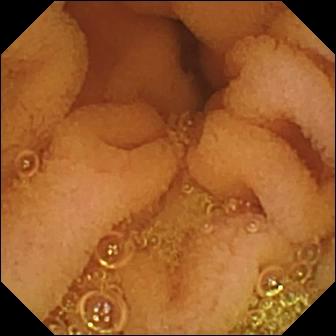Wireless capsule endoscopy. Small bowel. Impression: normal clean mucosa.